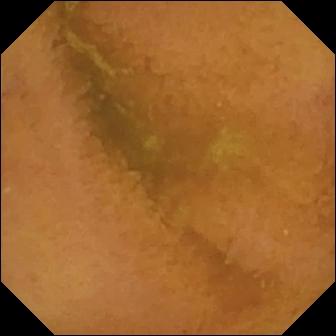{"modality": "VCE", "finding": "normal clean mucosa"}